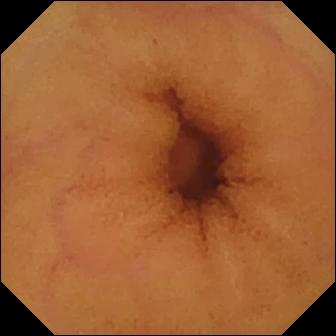Capsule endoscopy view of the small bowel showing normal clean mucosa.